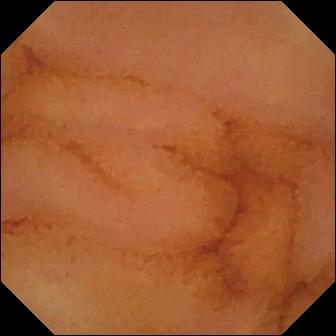Normal clean mucosa (336×336).